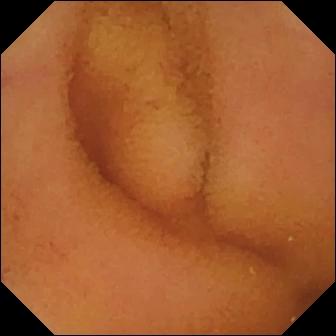Normal clean mucosa — WCE snapshot of the small bowel.